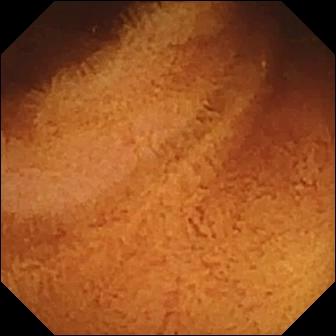Wireless capsule endoscopy. Small bowel. Observation: normal clean mucosa.